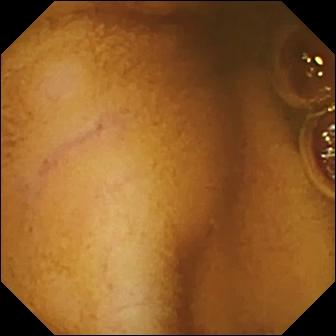Capsule endoscopy still (small bowel). Normal clean mucosa.